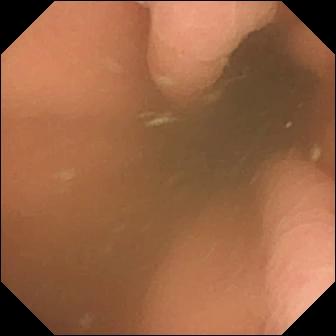Small-bowel capsule endoscopy image
Position: pylorus region